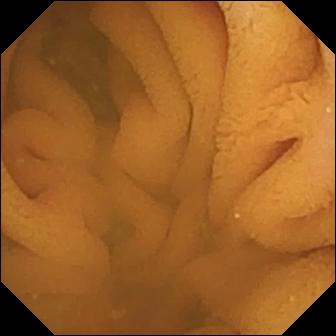This small-bowel capsule endoscopy snapshot of the small bowel shows normal clean mucosa.